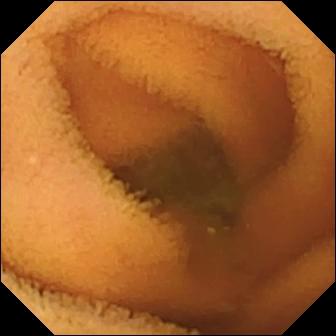modality: capsule endoscopy; category: luminal finding; impression: normal clean mucosa